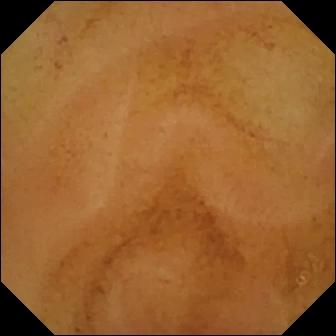Normal clean mucosa — capsule endoscopy frame of the small intestine.